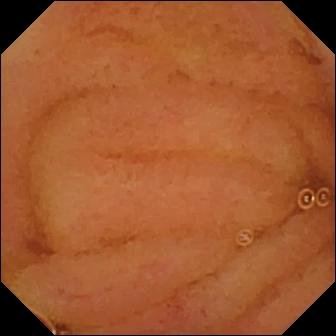PROCEDURE: Small-bowel capsule endoscopy.
SEGMENT: Small bowel.
FINDINGS: Normal clean mucosa.